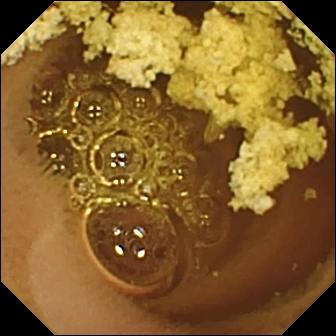Normal clean mucosa — wireless capsule endoscopy frame of the small intestine.